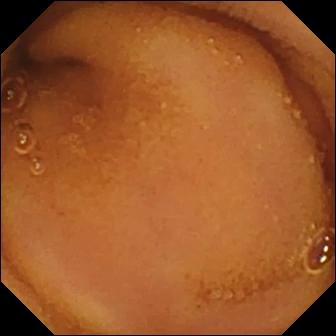Q: What does this VCE still of the small bowel show?
A: Normal clean mucosa.